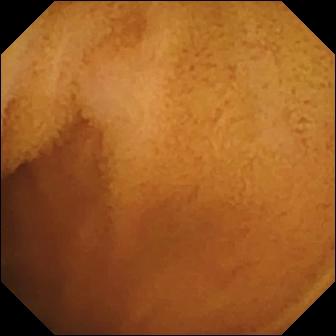This small-bowel capsule endoscopy still of the small intestine shows normal clean mucosa.